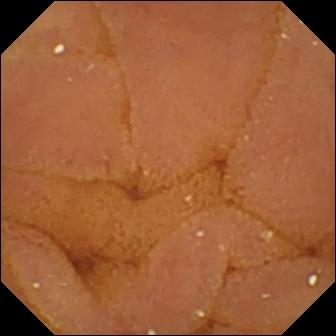Wireless capsule endoscopy. Small intestine. Impression: normal clean mucosa.